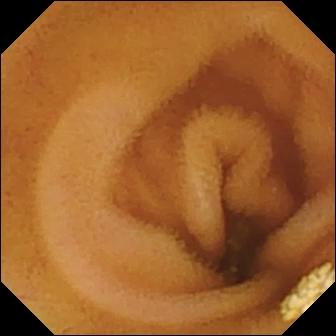Capsule endoscopy — lymphangiectasia.